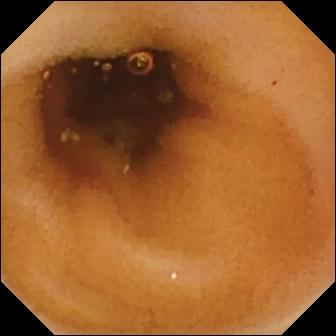WCE frame showing normal clean mucosa.